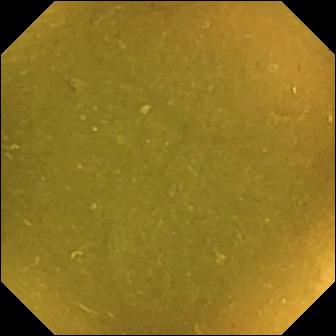Video capsule endoscopy snapshot
Location: ileo-cecal valve region